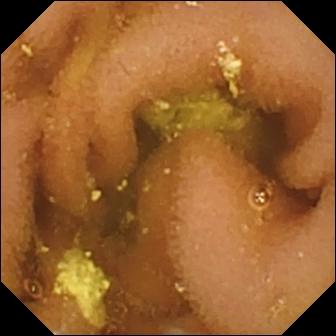WCE — lymphangiectasia.